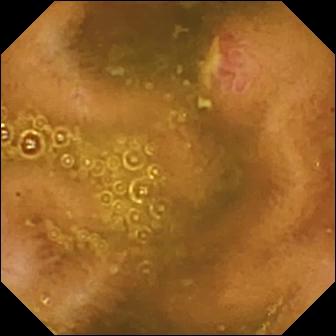modality: small-bowel capsule endoscopy | category: luminal finding | finding: ulcer